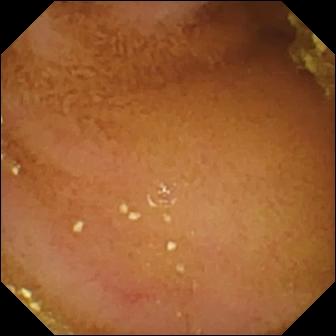- modality: VCE
- segment: small intestine
- finding: normal clean mucosa